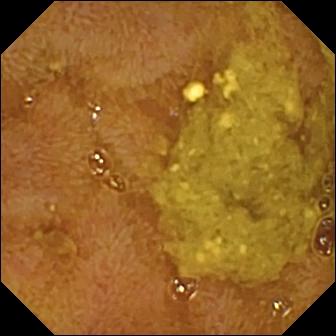This WCE still was taken in the ileo-cecal valve region (the transition from the small bowel to the large bowel).